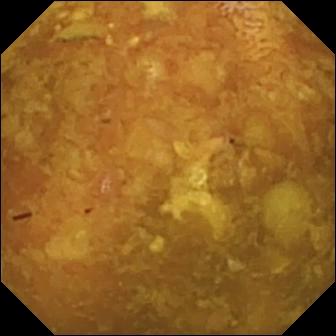Q: What does this video capsule endoscopy still show?
A: Reduced mucosal view (content or bubbles obscuring the mucosa).